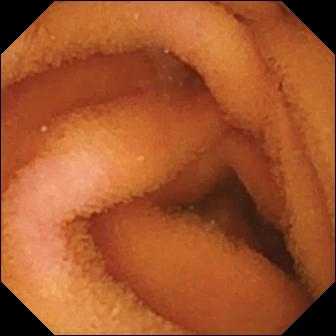Wireless capsule endoscopy still. Normal clean mucosa.